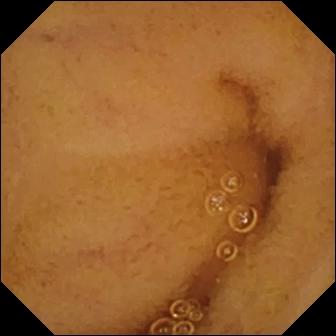Small-bowel capsule endoscopy frame. Normal clean mucosa.